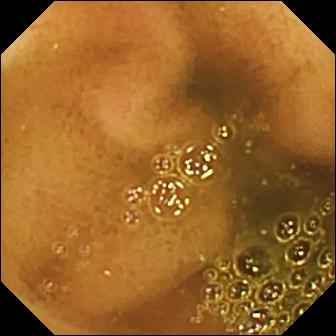- modality: small-bowel capsule endoscopy
- video segment: ileo-cecal valve region (where the capsule passes from the small bowel into the large bowel)